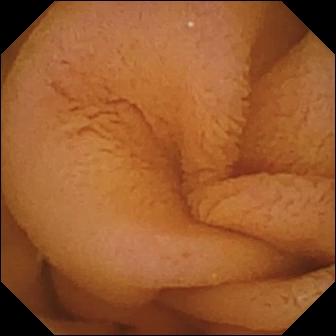Wireless capsule endoscopy — normal clean mucosa.